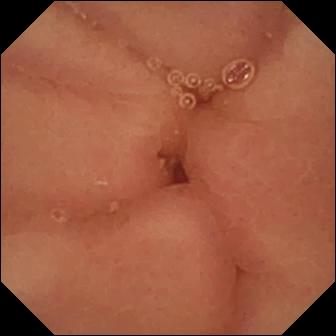WCE — pylorus region (where the capsule passes from the stomach into the small bowel).